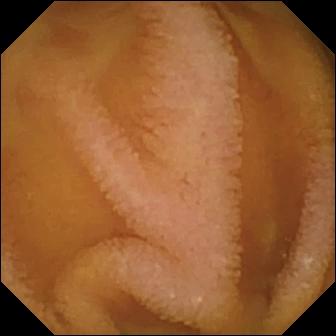{"modality": "small-bowel capsule endoscopy", "segment": "small bowel", "finding": "normal clean mucosa"}